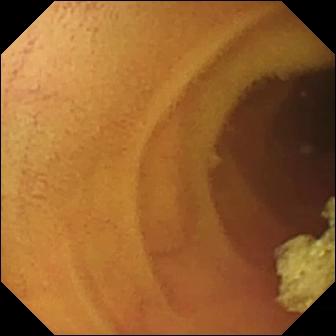Video capsule endoscopy. Finding: normal clean mucosa.